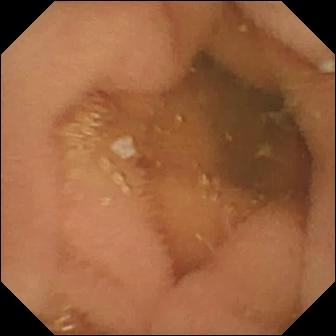Capsule endoscopy image
Impression: normal clean mucosa